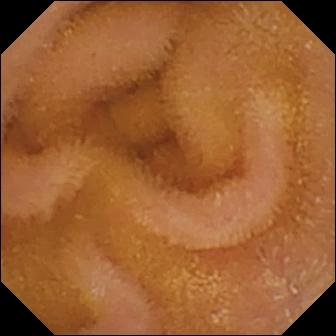{"modality": "wireless capsule endoscopy", "category": "luminal finding", "finding": "normal clean mucosa"}